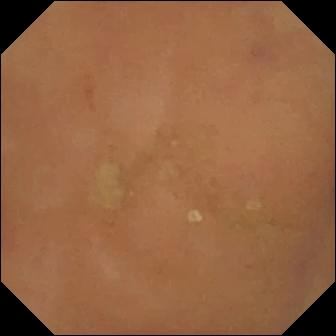Capsule endoscopy image
Label: normal clean mucosa